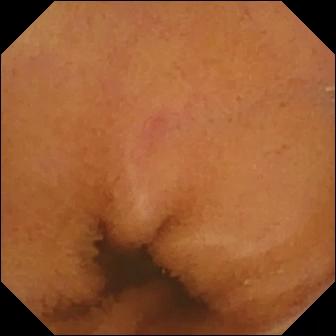WCE. Small intestine. Label: normal clean mucosa.